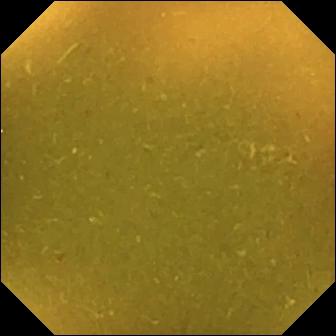Ileo-cecal valve region (the transition from the small bowel to the large bowel).